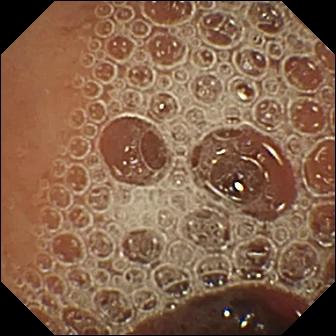Normal clean mucosa (336×336).